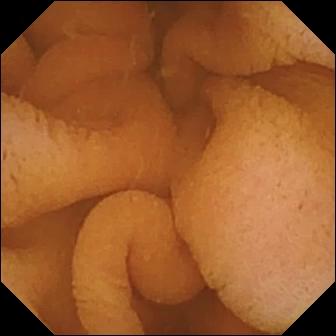Normal clean mucosa (336×336).